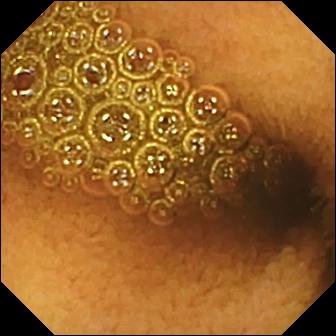modality: video capsule endoscopy
category: luminal finding
label: reduced mucosal view (content or bubbles obscuring the mucosa)